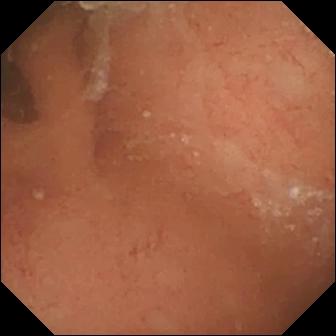Normal clean mucosa — WCE still.